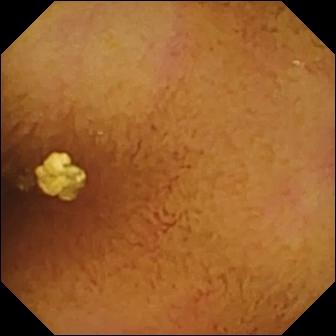Wireless capsule endoscopy. Small intestine. Luminal finding. Impression: normal clean mucosa.